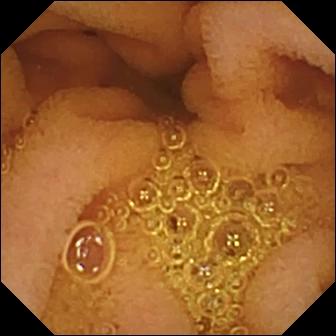- modality: video capsule endoscopy
- segment: small intestine
- label: normal clean mucosa